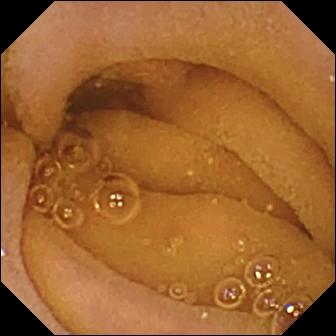Capsule endoscopy — normal clean mucosa.